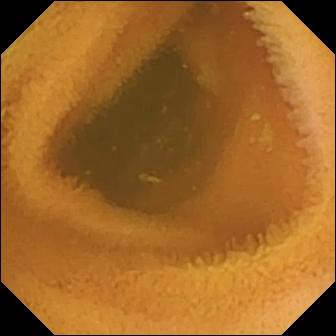Small-bowel capsule endoscopy view showing normal clean mucosa.